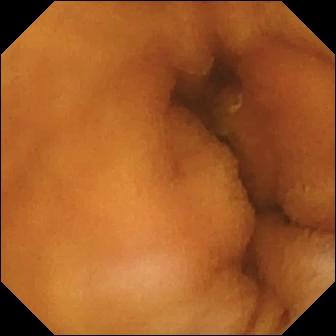This wireless capsule endoscopy image of the small intestine shows normal clean mucosa.